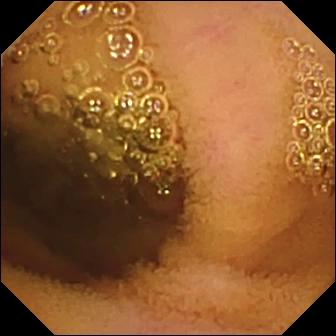modality: WCE; impression: normal clean mucosa